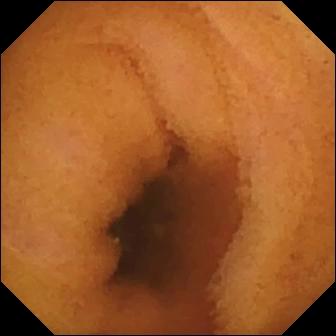Q: What does this video capsule endoscopy still show?
A: Normal clean mucosa.